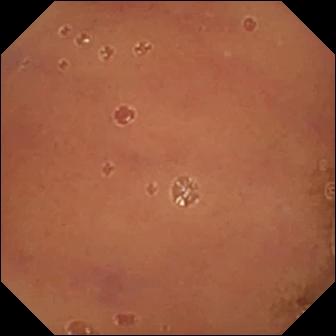Small-bowel capsule endoscopy — normal clean mucosa.